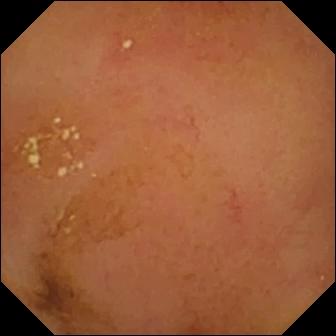Capsule endoscopy image showing normal clean mucosa.